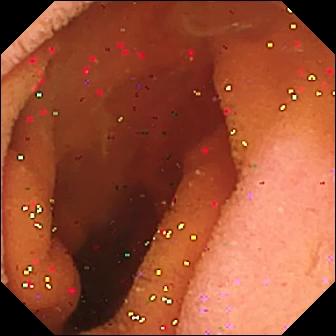WCE still. Taken in the pylorus region.